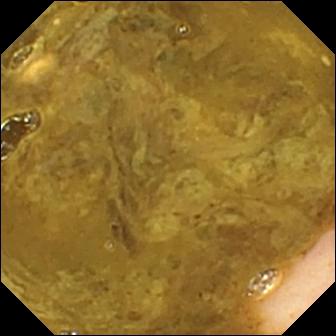{"modality": "WCE", "position": "ileo-cecal valve region (where the capsule passes from the small bowel into the large bowel)"}